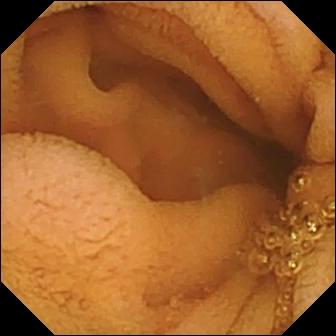Normal clean mucosa — video capsule endoscopy still of the small intestine.